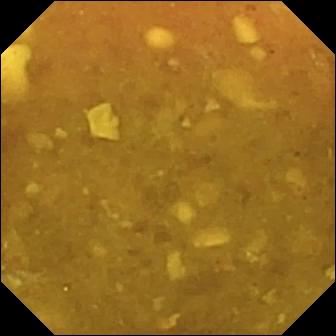Reduced mucosal view (content or bubbles obscuring the mucosa) (336×336).